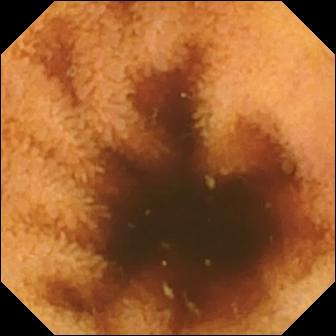PROCEDURE: VCE.
FINDINGS: Normal clean mucosa.